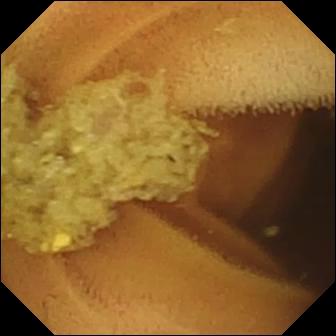This wireless capsule endoscopy still of the small bowel shows normal clean mucosa.